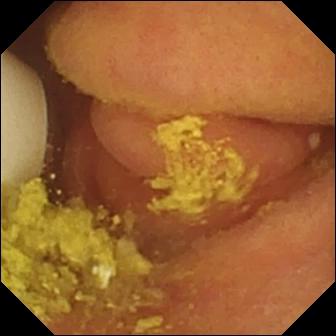Capsule endoscopy — foreign body (e.g. retained capsule, tablet residue).